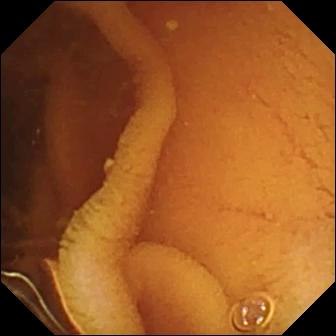PROCEDURE: VCE.
FINDINGS: Normal clean mucosa.